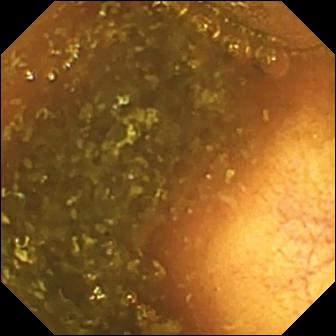Small-bowel capsule endoscopy — ileo-cecal valve region (the transition from the small bowel to the large bowel).